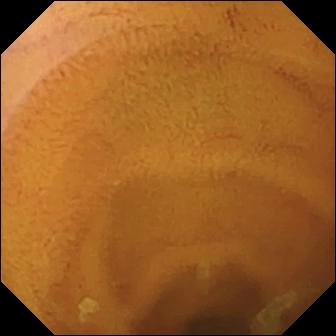Capsule endoscopy. Small intestine. Finding: normal clean mucosa.